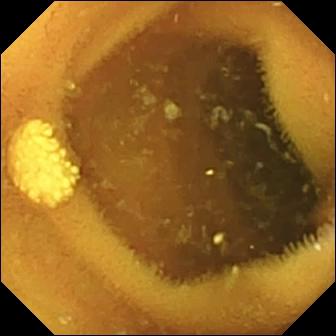{"modality": "VCE", "category": "luminal finding", "finding": "lymphangiectasia"}